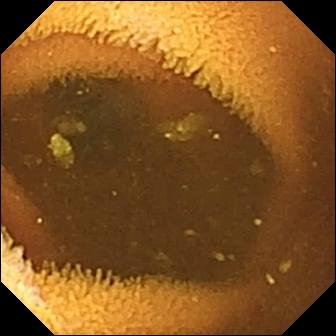{"modality": "VCE", "finding": "normal clean mucosa"}